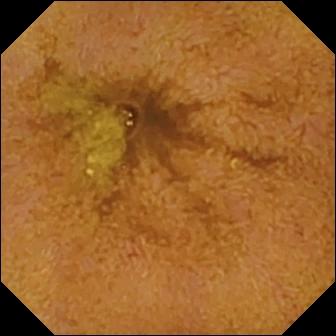Video capsule endoscopy. Near an anatomical landmark. Location: ileo-cecal valve region (the transition from the small bowel to the large bowel).